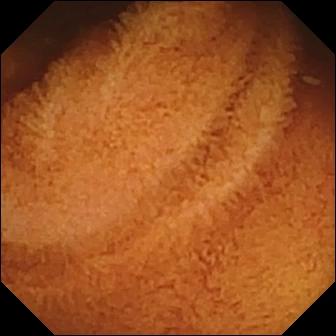Capsule endoscopy — normal clean mucosa.